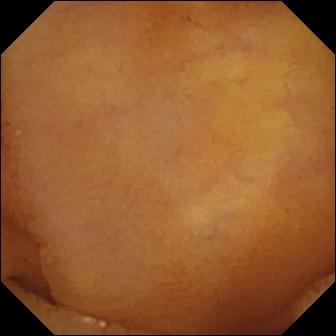{"modality": "VCE", "finding": "normal clean mucosa"}